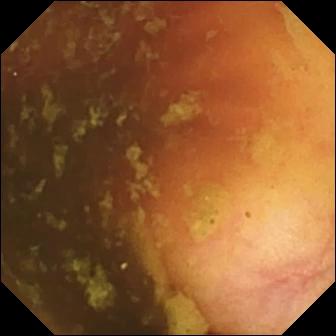Capsule endoscopy view
Location: ileo-cecal valve region (the transition from the small bowel to the large bowel)